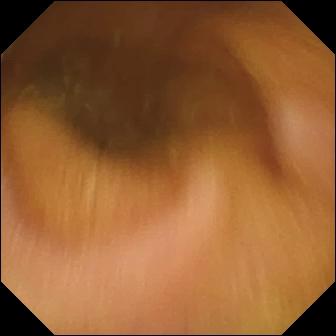PROCEDURE: Wireless capsule endoscopy.
SEGMENT: Small intestine.
FINDINGS: Normal clean mucosa.